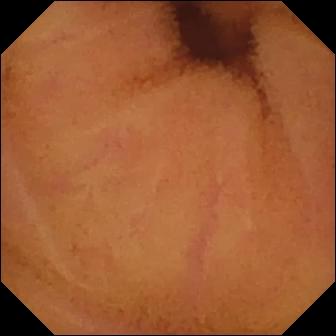Capsule endoscopy frame showing normal clean mucosa.